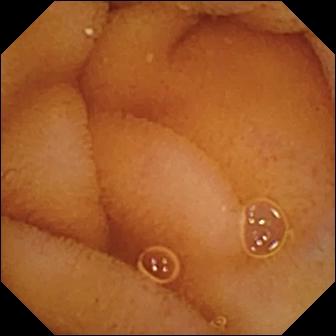This VCE view shows normal clean mucosa.